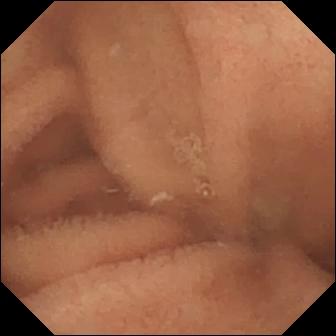This video capsule endoscopy image of the small intestine shows normal clean mucosa.